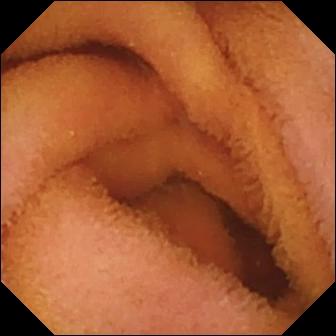VCE snapshot showing normal clean mucosa.